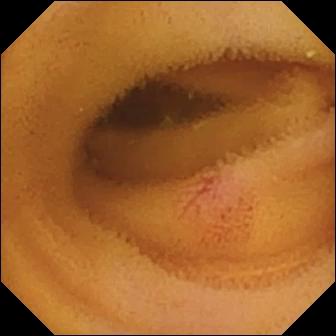Video capsule endoscopy still
Impression: angiectasia